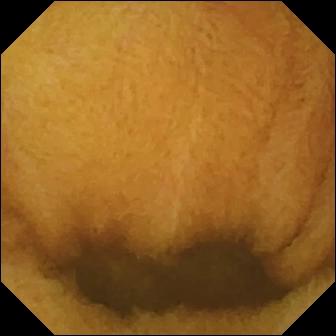PROCEDURE: Small-bowel capsule endoscopy.
SEGMENT: Small bowel.
FINDINGS: Normal clean mucosa.